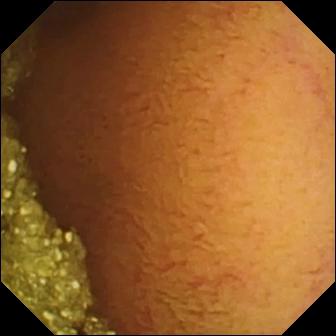Video capsule endoscopy image (small bowel). Normal clean mucosa.